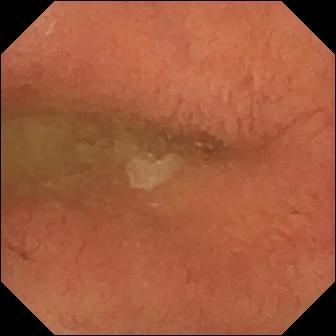Pylorus region (the junction between the stomach and the small bowel) — wireless capsule endoscopy snapshot.